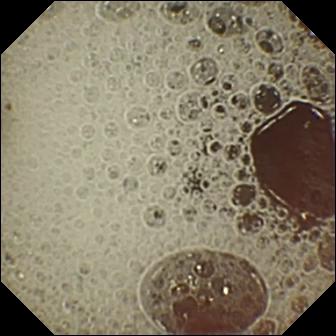Q: Where in the digestive tract was this wireless capsule endoscopy image taken?
A: Pylorus region (where the capsule passes from the stomach into the small bowel).